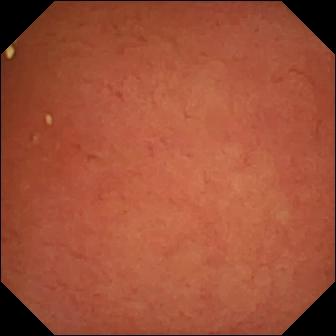WCE frame. Taken in the pylorus region.